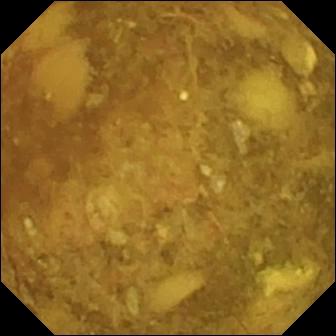Wireless capsule endoscopy frame, small intestine
Label: reduced mucosal view (content or bubbles obscuring the mucosa)